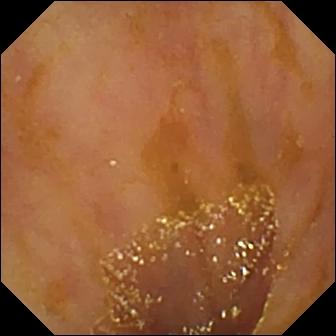VCE — ileo-cecal valve region.